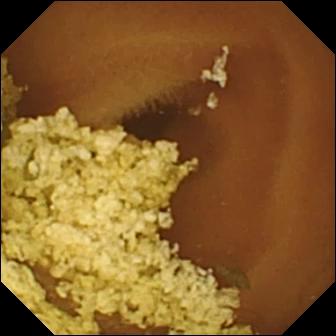VCE. Luminal finding. Label: normal clean mucosa.